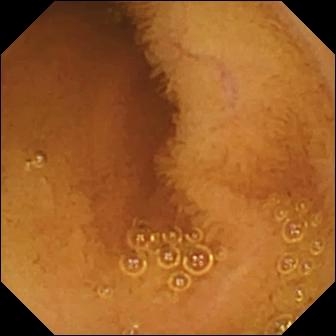VCE image. Normal clean mucosa.